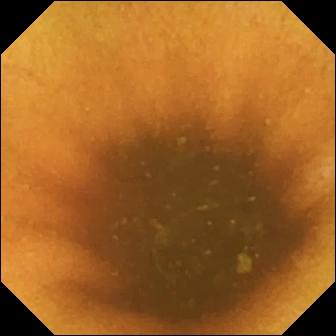This wireless capsule endoscopy snapshot of the small intestine shows normal clean mucosa.